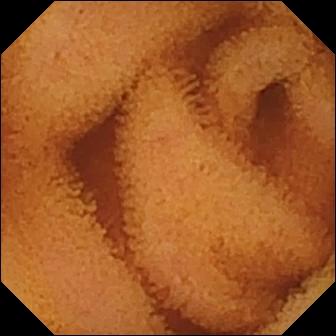Wireless capsule endoscopy — normal clean mucosa.